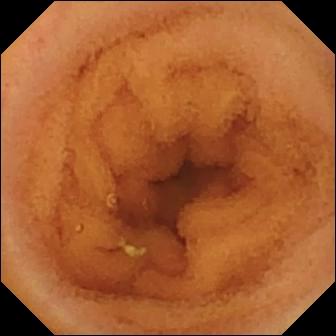Capsule endoscopy still, small bowel
Observation: normal clean mucosa